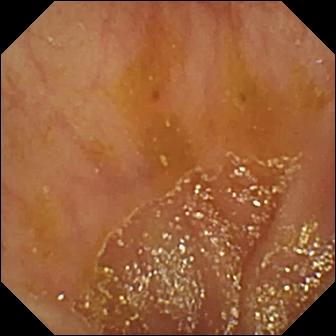Small-bowel capsule endoscopy. Label: ileo-cecal valve region.